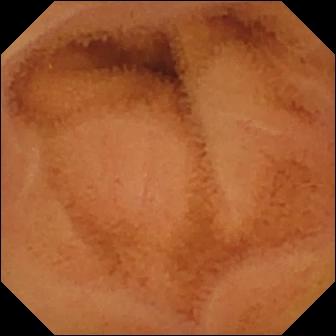PROCEDURE: Small-bowel capsule endoscopy.
SEGMENT: Small bowel.
FINDINGS: Normal clean mucosa.